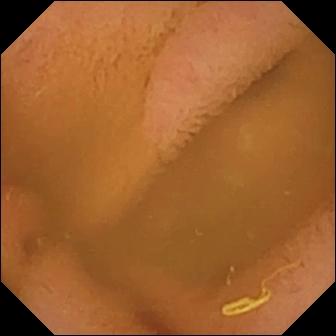This capsule endoscopy image shows normal clean mucosa.